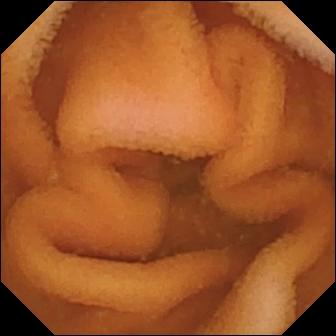Capsule endoscopy — normal clean mucosa.